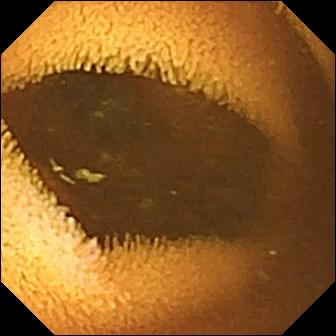Normal clean mucosa — wireless capsule endoscopy frame of the small intestine.